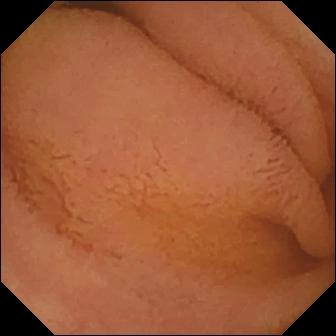Capsule endoscopy — normal clean mucosa.